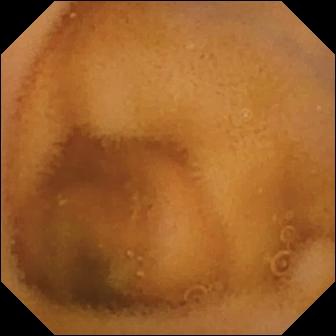Capsule endoscopy view of the small bowel showing normal clean mucosa.